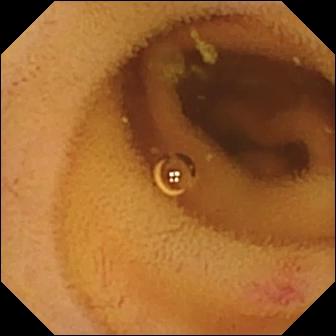Small-bowel capsule endoscopy frame showing angiectasia.